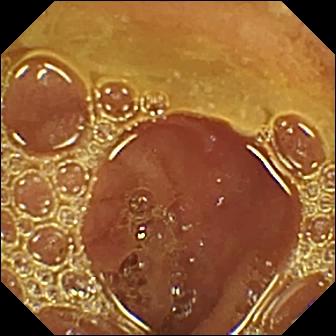Normal clean mucosa.